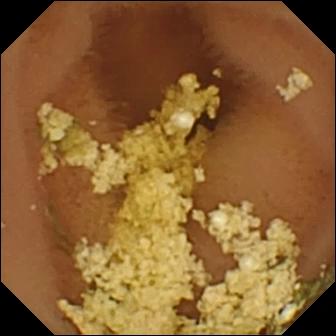WCE frame. Normal clean mucosa.